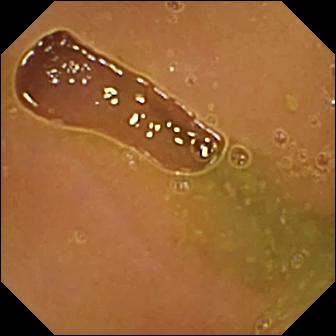This WCE frame shows normal clean mucosa.